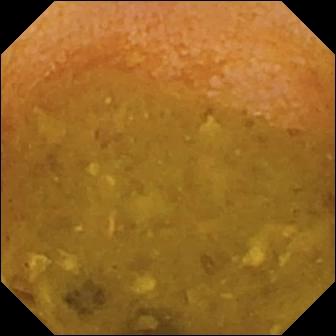VCE image. Reduced mucosal view (content or bubbles obscuring the mucosa).